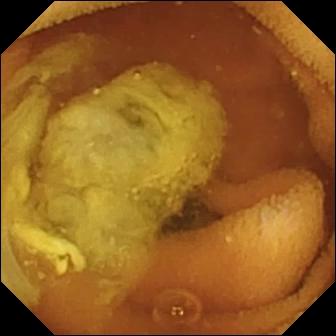Q: What does this VCE view of the small intestine show?
A: Normal clean mucosa.